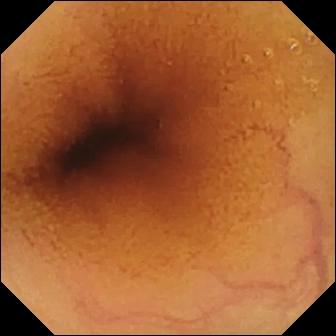Capsule endoscopy — normal clean mucosa.